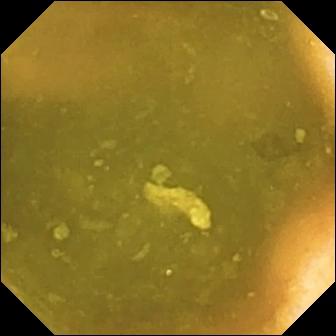This VCE snapshot was taken in the ileo-cecal valve region (where the capsule passes from the small bowel into the large bowel).